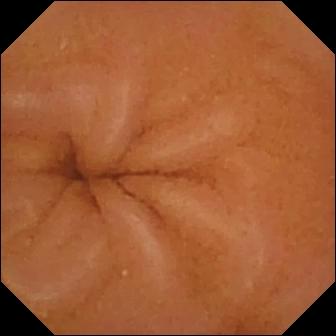Small-bowel capsule endoscopy image of the small bowel showing normal clean mucosa.